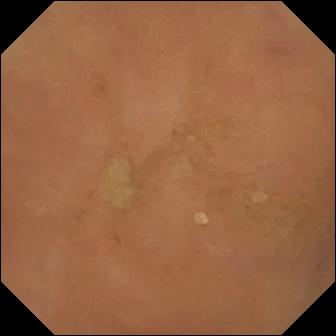Wireless capsule endoscopy still showing normal clean mucosa.